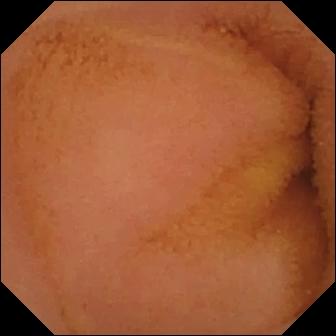Video capsule endoscopy snapshot (small bowel). Normal clean mucosa.